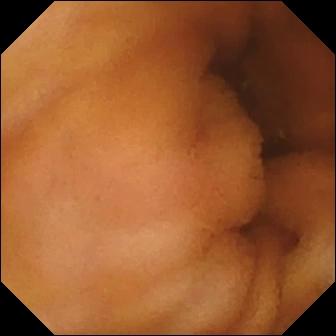This WCE snapshot shows normal clean mucosa.